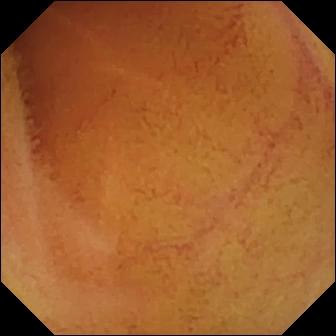Q: What does this VCE still of the small bowel show?
A: Normal clean mucosa.